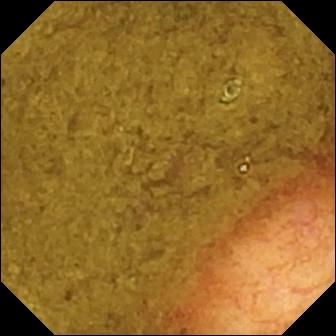modality: WCE | video segment: ileo-cecal valve region (the transition from the small bowel to the large bowel)